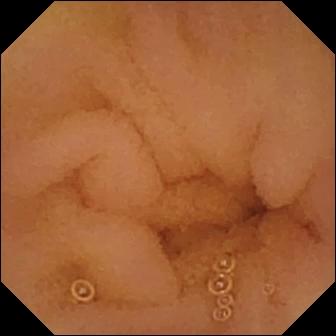VCE — normal clean mucosa.